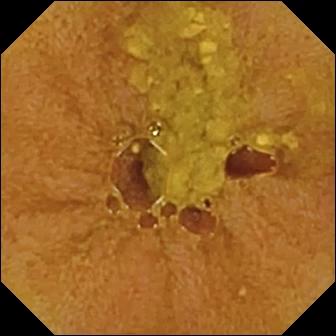modality: video capsule endoscopy
label: ileo-cecal valve region (the transition from the small bowel to the large bowel)